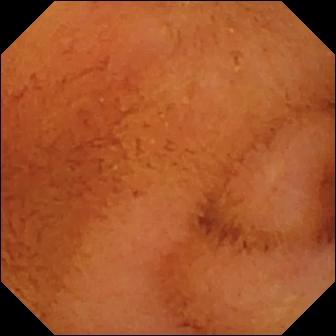{"modality": "video capsule endoscopy", "finding": "normal clean mucosa"}